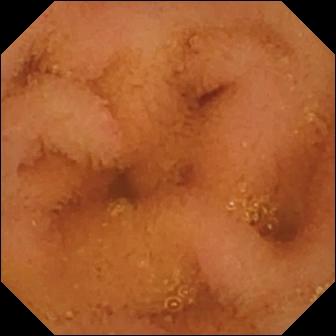modality: WCE
observation: normal clean mucosa